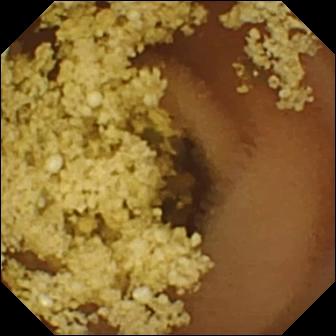Normal clean mucosa — VCE frame of the small bowel.